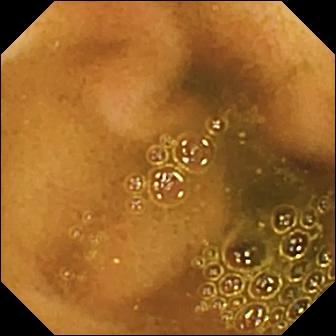Q: Where in the digestive tract was this WCE image taken?
A: Ileo-cecal valve region (where the capsule passes from the small bowel into the large bowel).